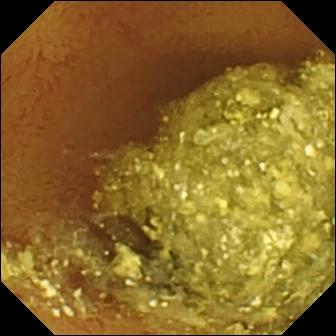Capsule endoscopy frame of the small intestine showing normal clean mucosa.